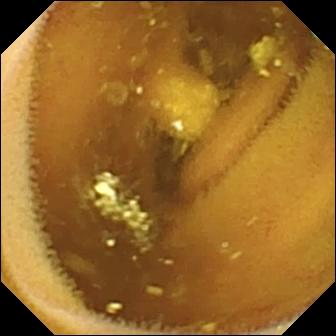- modality: VCE
- impression: lymphangiectasia